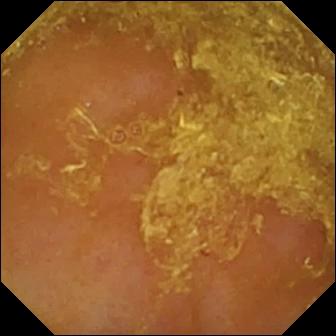Q: What does this capsule endoscopy still of the small bowel show?
A: Reduced mucosal view (content or bubbles obscuring the mucosa).